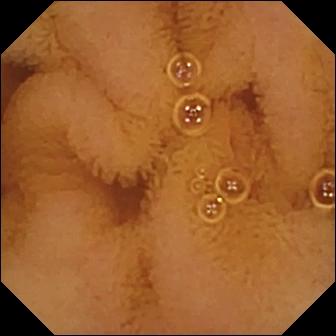Normal clean mucosa — wireless capsule endoscopy view of the small bowel.